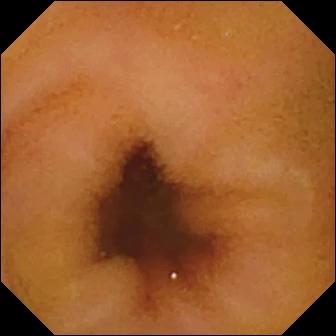modality: WCE; label: normal clean mucosa